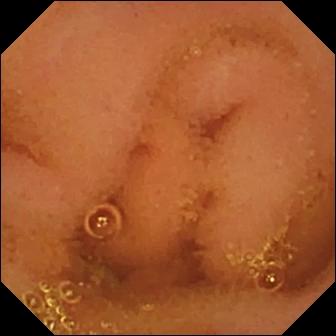WCE still, small intestine
Impression: normal clean mucosa